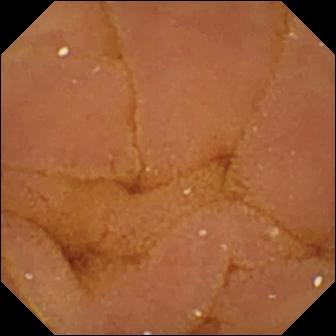VCE snapshot showing normal clean mucosa.